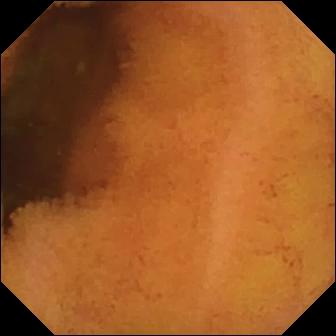WCE. Luminal finding. Impression: normal clean mucosa.